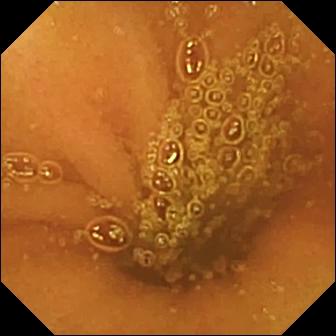Small-bowel capsule endoscopy frame, small intestine
Finding: normal clean mucosa